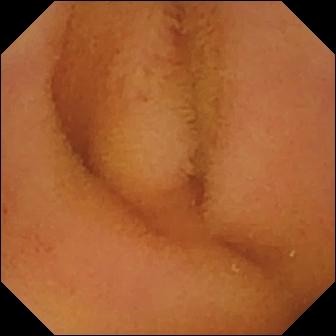Q: What does this small-bowel capsule endoscopy still show?
A: Normal clean mucosa.